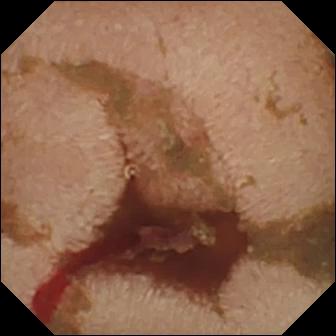Capsule endoscopy frame, 336×336. Fresh blood in the lumen.